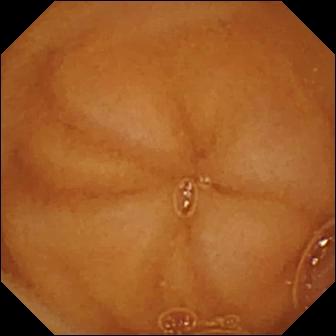- modality: WCE
- segment: small bowel
- label: normal clean mucosa